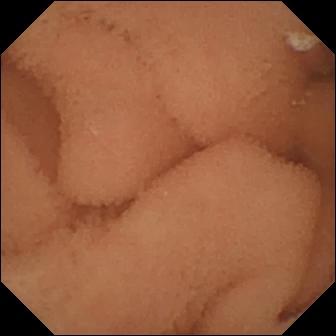Wireless capsule endoscopy — normal clean mucosa.